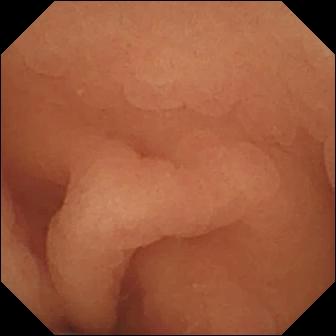WCE. Luminal finding. Label: normal clean mucosa.